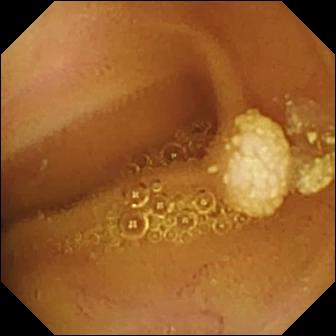modality: small-bowel capsule endoscopy; category: luminal finding; finding: lymphangiectasia